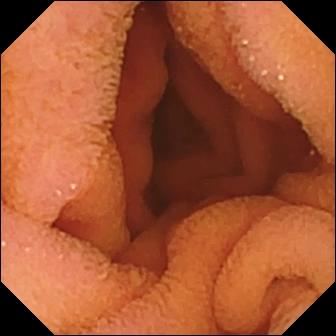WCE — normal clean mucosa.